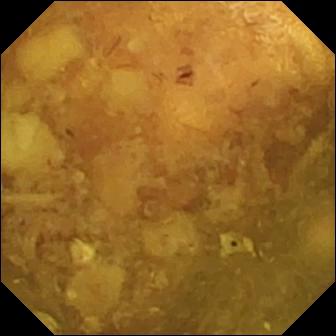Reduced mucosal view (content or bubbles obscuring the mucosa) — wireless capsule endoscopy still.